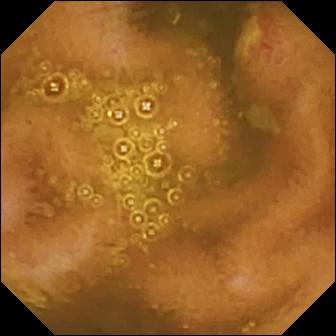Capsule endoscopy snapshot
Label: ulcer